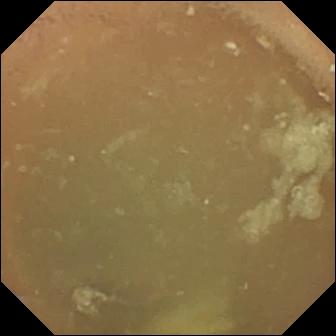WCE still, small bowel
Finding: normal clean mucosa